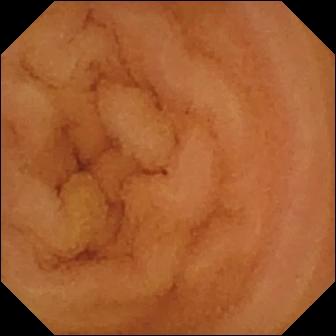WCE — normal clean mucosa.